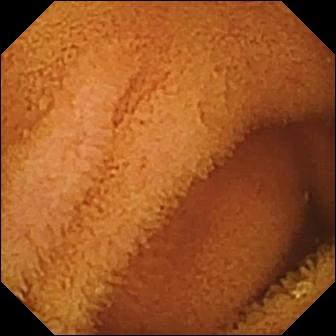This small-bowel capsule endoscopy image of the small bowel shows normal clean mucosa.